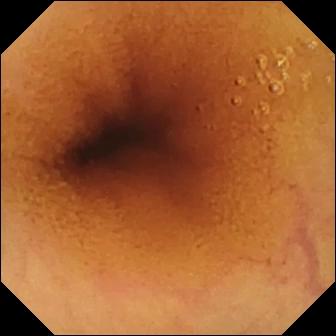PROCEDURE: WCE.
FINDINGS: Normal clean mucosa.